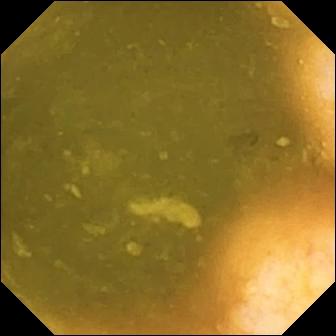- modality: video capsule endoscopy
- location: ileo-cecal valve region